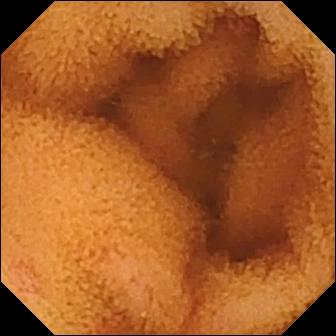- modality: wireless capsule endoscopy
- segment: small intestine
- label: normal clean mucosa